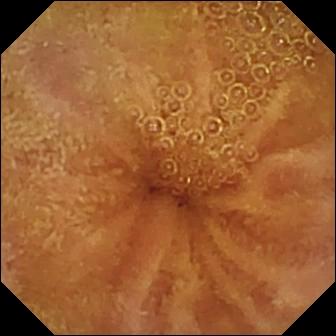Normal clean mucosa.